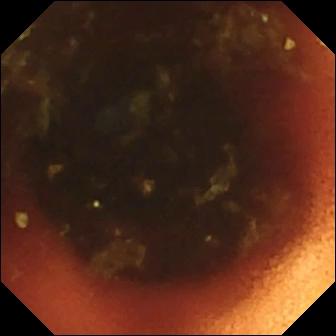Capsule endoscopy view
Label: ileo-cecal valve region